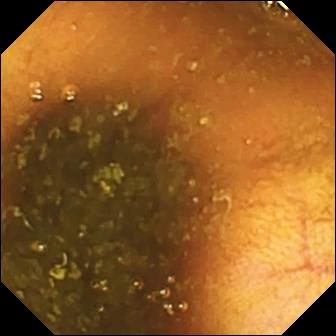Video capsule endoscopy view taken in the ileo-cecal valve region.